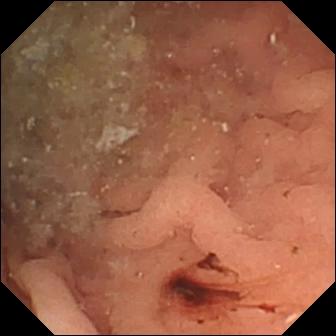Video capsule endoscopy frame, 336×336. Angiectasia.